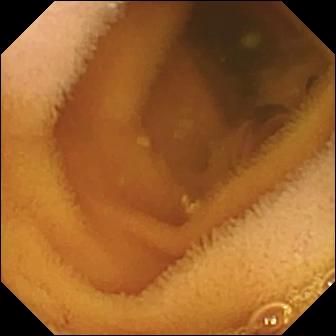WCE — normal clean mucosa.